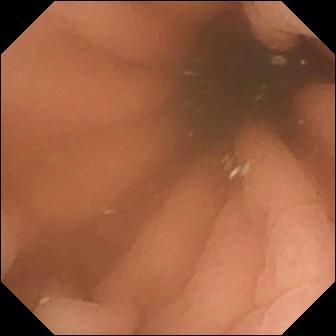Wireless capsule endoscopy. Location: pylorus region.